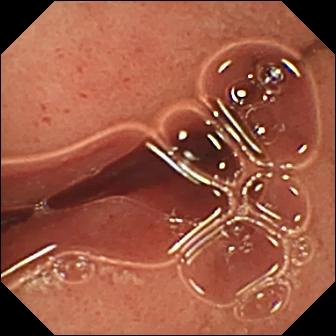PROCEDURE: Video capsule endoscopy.
VIDEO SEGMENT: Pylorus region (the junction between the stomach and the small bowel).